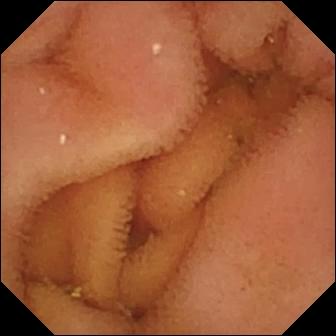Small-bowel capsule endoscopy image, 336×336. Normal clean mucosa.